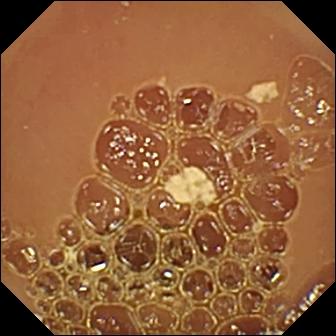VCE view. Normal clean mucosa.